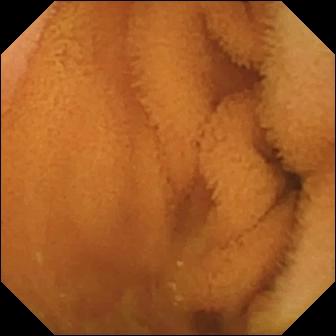PROCEDURE: WCE.
SEGMENT: Small intestine.
FINDINGS: Normal clean mucosa.